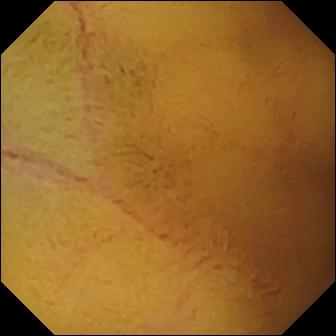modality: wireless capsule endoscopy
impression: normal clean mucosa